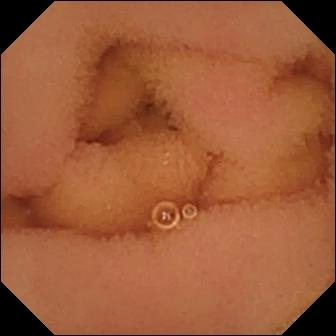Normal clean mucosa — wireless capsule endoscopy snapshot.